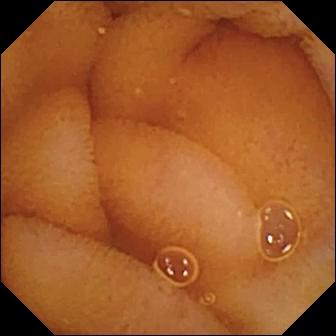Capsule endoscopy still (small intestine). Normal clean mucosa.